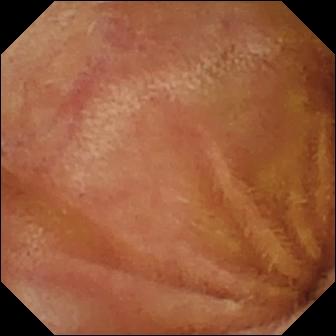PROCEDURE: Video capsule endoscopy.
SEGMENT: Small intestine.
FINDINGS: Normal clean mucosa.